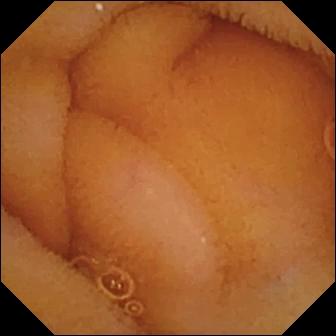- modality: wireless capsule endoscopy
- segment: small intestine
- impression: normal clean mucosa